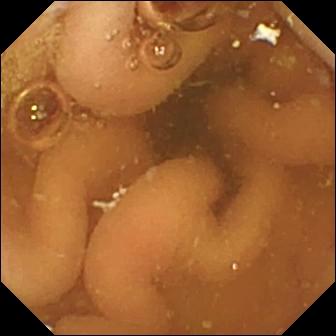This small-bowel capsule endoscopy snapshot was taken in the pylorus region (where the capsule passes from the stomach into the small bowel).